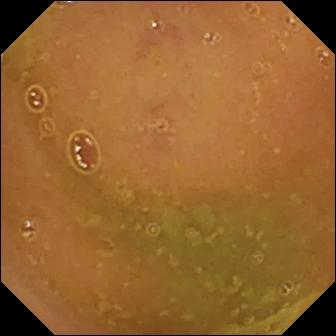VCE frame, small bowel
Finding: normal clean mucosa